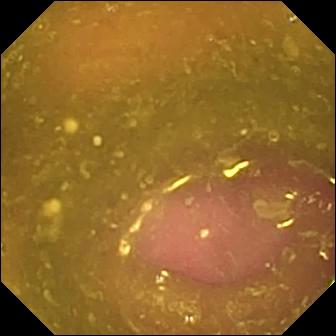Reduced mucosal view (content or bubbles obscuring the mucosa).